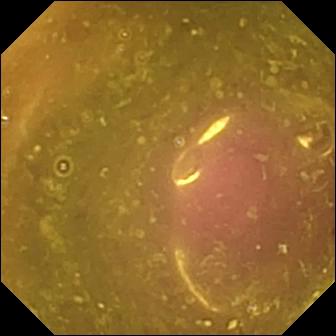Small-bowel capsule endoscopy. Finding: reduced mucosal view (content or bubbles obscuring the mucosa).